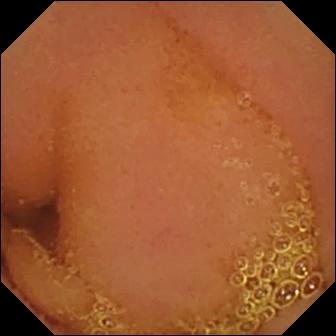Q: What does this small-bowel capsule endoscopy snapshot show?
A: Normal clean mucosa.